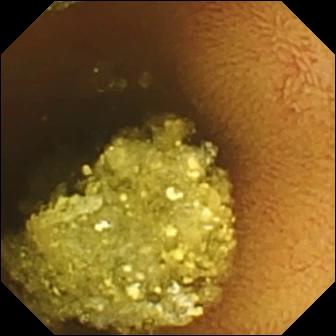Normal clean mucosa — wireless capsule endoscopy view.